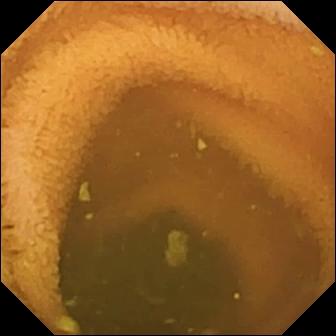Capsule endoscopy snapshot, small intestine
Finding: normal clean mucosa